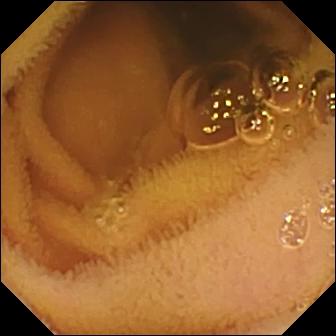- modality: wireless capsule endoscopy
- category: luminal finding
- label: normal clean mucosa